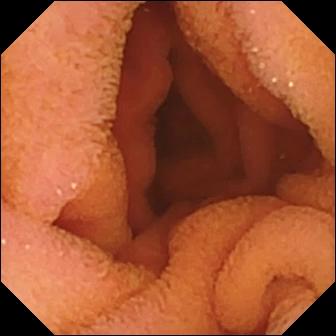Capsule endoscopy image, small bowel
Label: normal clean mucosa